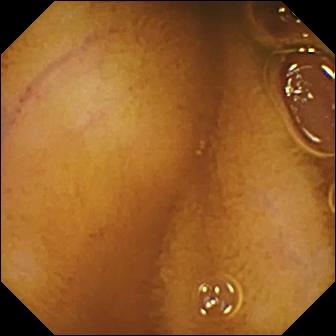Q: What does this wireless capsule endoscopy frame of the small intestine show?
A: Normal clean mucosa.